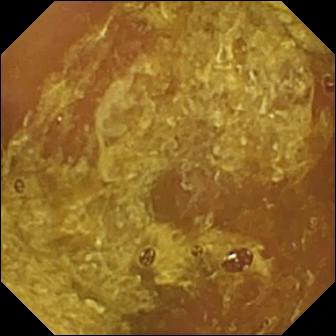PROCEDURE: Video capsule endoscopy.
SEGMENT: Small intestine.
FINDINGS: Reduced mucosal view (content or bubbles obscuring the mucosa).